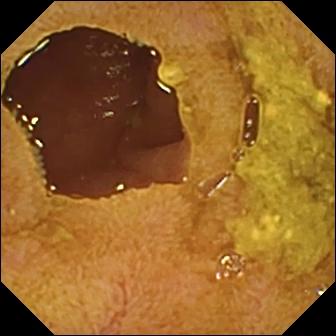WCE — ileo-cecal valve region (the transition from the small bowel to the large bowel).